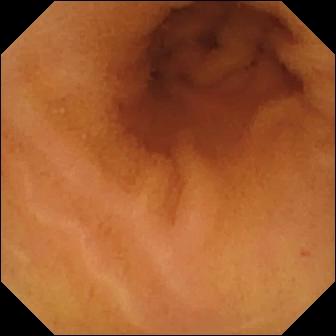PROCEDURE: WCE.
SEGMENT: Small intestine.
FINDINGS: Normal clean mucosa.